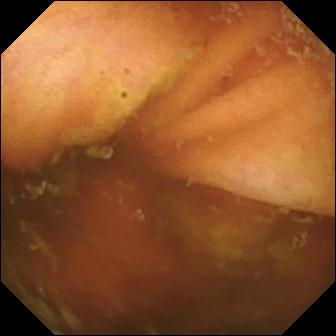modality: WCE; location: ileo-cecal valve region